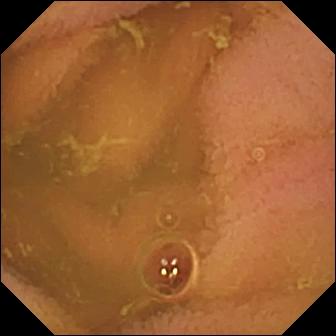Q: What does this wireless capsule endoscopy frame of the small intestine show?
A: Normal clean mucosa.